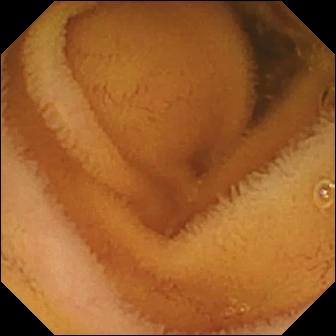This VCE view of the small intestine shows normal clean mucosa.